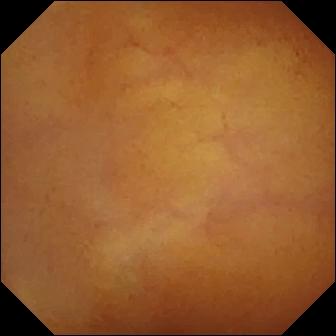This capsule endoscopy frame of the small intestine shows normal clean mucosa.